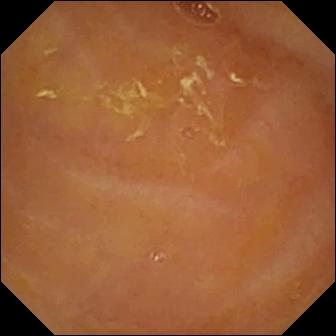Wireless capsule endoscopy still, small intestine
Finding: reduced mucosal view (content or bubbles obscuring the mucosa)